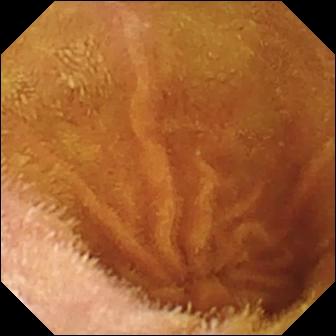Q: What does this video capsule endoscopy view show?
A: Normal clean mucosa.